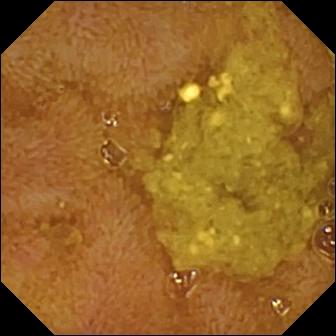VCE — ileo-cecal valve region.